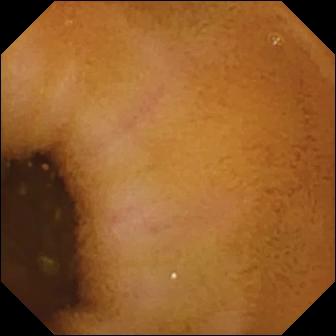modality: wireless capsule endoscopy | segment: small bowel | observation: normal clean mucosa